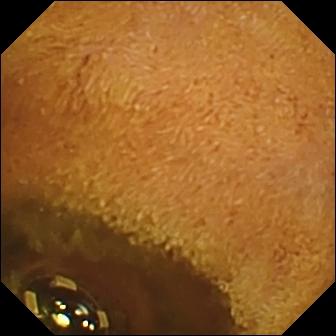modality: wireless capsule endoscopy; label: foreign body (e.g. retained capsule, tablet residue)